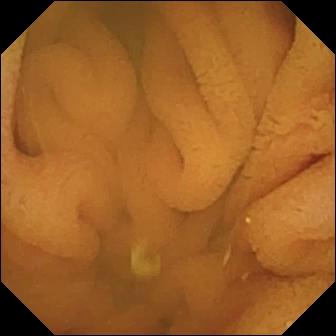Q: What does this wireless capsule endoscopy image of the small bowel show?
A: Normal clean mucosa.